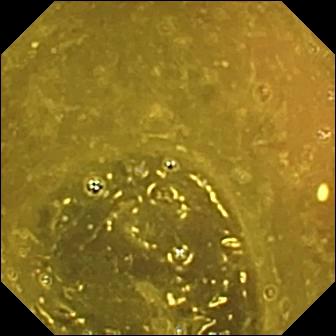Small-bowel capsule endoscopy snapshot
Position: ileo-cecal valve region (where the capsule passes from the small bowel into the large bowel)